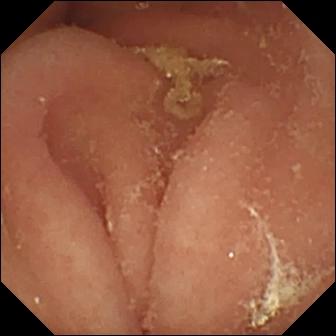Pylorus region (the junction between the stomach and the small bowel).